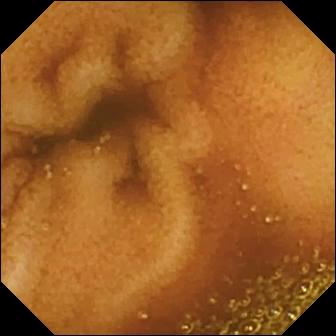Wireless capsule endoscopy image, small bowel
Label: normal clean mucosa